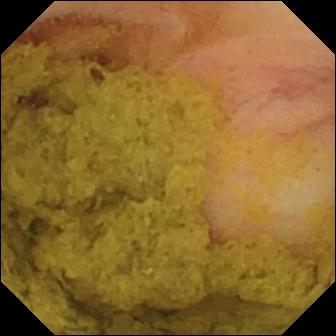This VCE snapshot was taken in the ileo-cecal valve region (the transition from the small bowel to the large bowel).